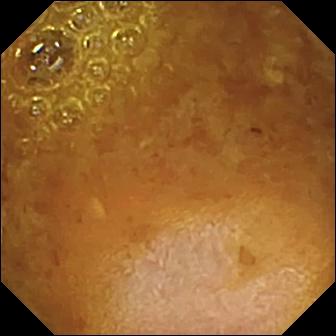Small-bowel capsule endoscopy frame showing reduced mucosal view (content or bubbles obscuring the mucosa).